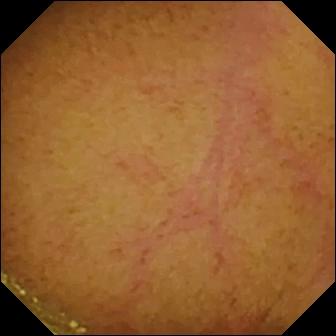Small-bowel capsule endoscopy snapshot. Normal clean mucosa.